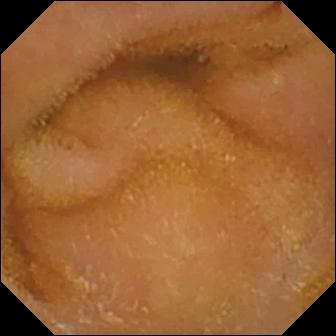Video capsule endoscopy. Small bowel. Label: normal clean mucosa.